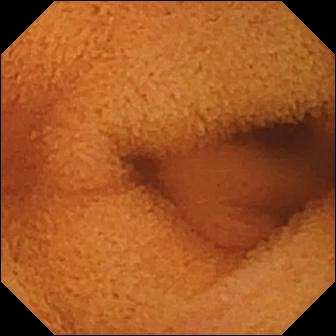VCE. Small intestine. Label: normal clean mucosa.